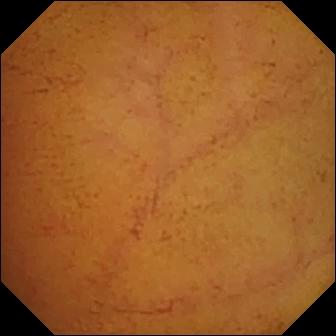Small-bowel capsule endoscopy still (small intestine). Normal clean mucosa.